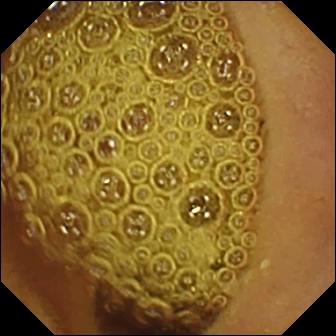Q: What does this VCE image show?
A: Normal clean mucosa.